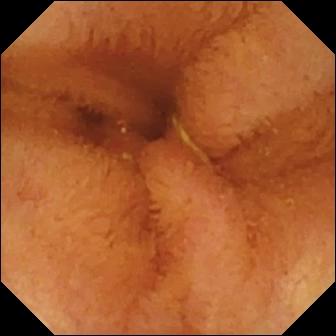modality: WCE; label: normal clean mucosa